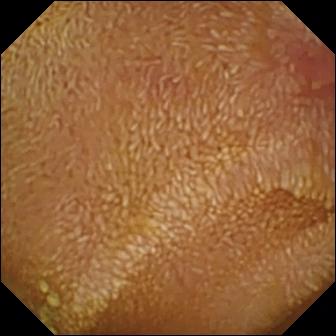Video capsule endoscopy. Impression: erosion.